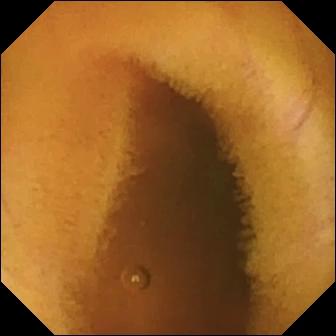modality: WCE
category: luminal finding
impression: normal clean mucosa